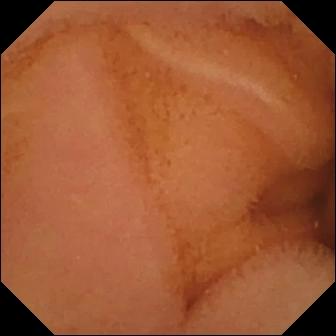This VCE frame shows normal clean mucosa.